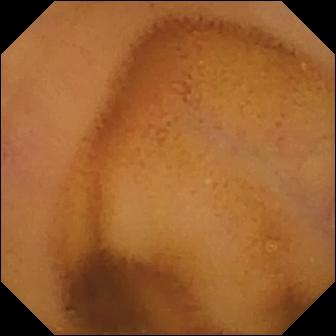PROCEDURE: Wireless capsule endoscopy.
SEGMENT: Small intestine.
FINDINGS: Normal clean mucosa.